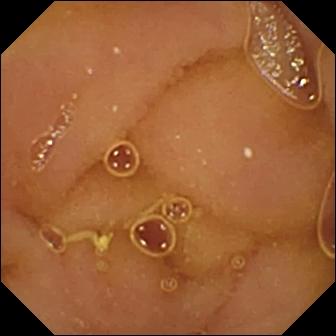Q: What does this wireless capsule endoscopy view of the small intestine show?
A: Normal clean mucosa.